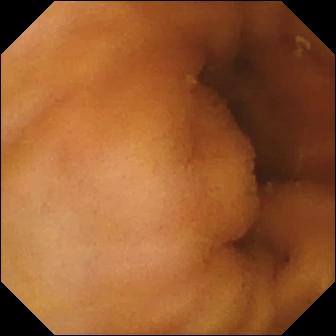Normal clean mucosa — wireless capsule endoscopy still.